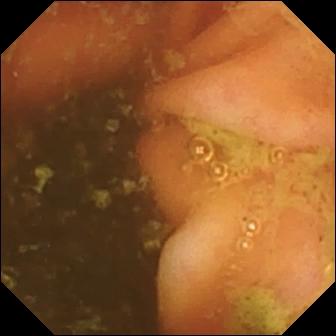Ileo-cecal valve region (the transition from the small bowel to the large bowel).